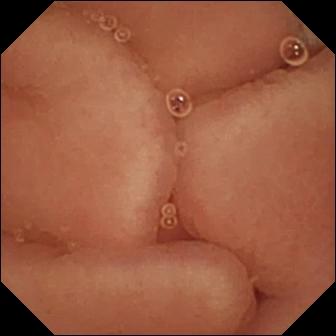Capsule endoscopy view, 336×336. Taken in the pylorus region.